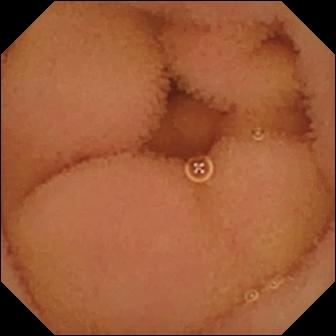Q: What does this wireless capsule endoscopy view of the small intestine show?
A: Normal clean mucosa.